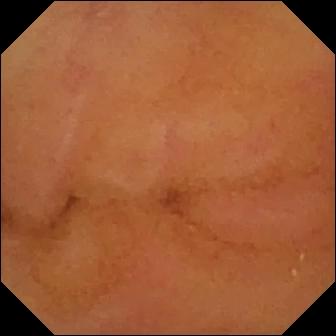Wireless capsule endoscopy view
Observation: normal clean mucosa